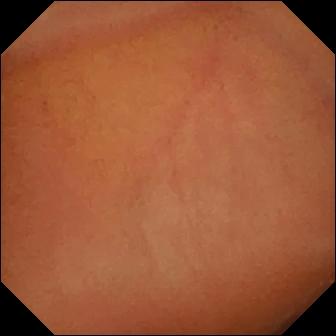PROCEDURE: Capsule endoscopy.
SEGMENT: Small intestine.
FINDINGS: Normal clean mucosa.